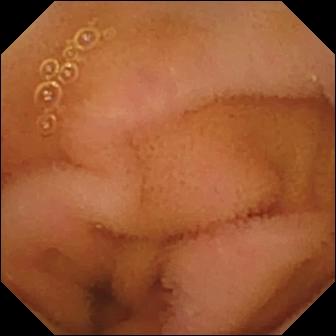Video capsule endoscopy snapshot. Normal clean mucosa.